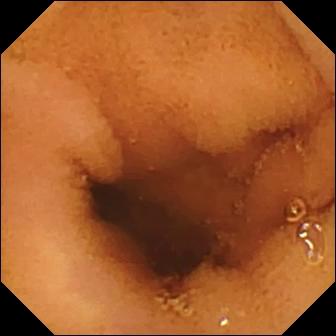WCE. Observation: normal clean mucosa.